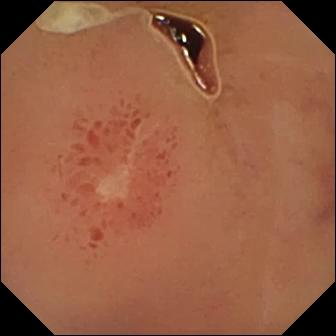WCE. Luminal finding. Label: ulcer.